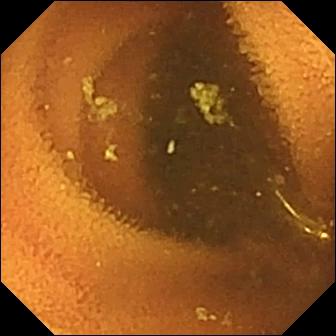PROCEDURE: Capsule endoscopy.
SEGMENT: Small bowel.
FINDINGS: Normal clean mucosa.